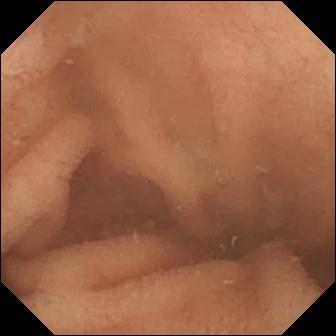Wireless capsule endoscopy still. Normal clean mucosa.